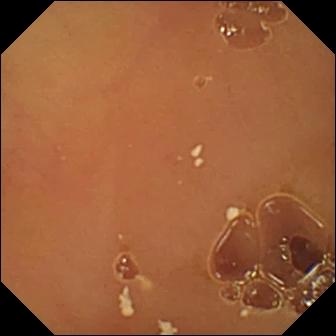VCE view, small bowel
Observation: normal clean mucosa